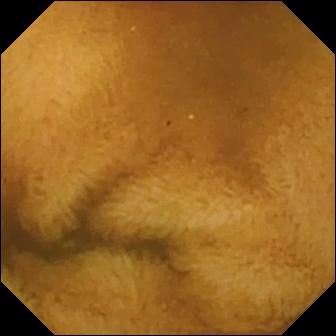modality: video capsule endoscopy; category: luminal finding; label: normal clean mucosa